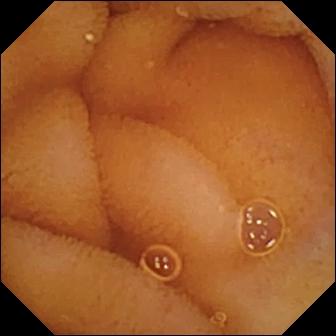Normal clean mucosa — WCE view.